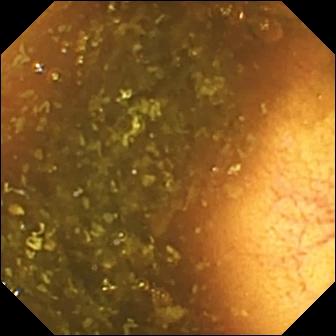Video capsule endoscopy view taken in the ileo-cecal valve region.